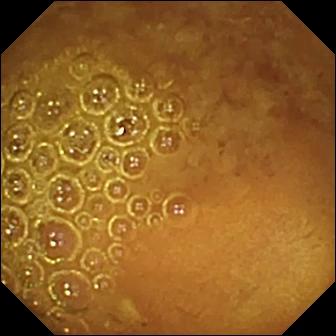Wireless capsule endoscopy snapshot (small bowel). Reduced mucosal view (content or bubbles obscuring the mucosa).